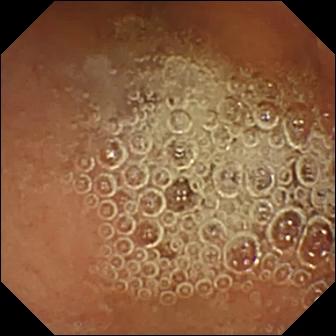WCE snapshot, 336×336. Normal clean mucosa.